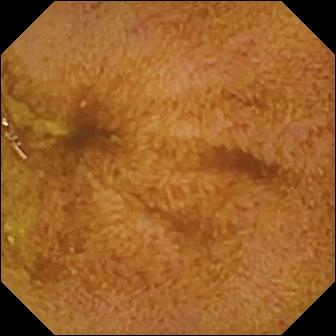Ileo-cecal valve region (where the capsule passes from the small bowel into the large bowel).